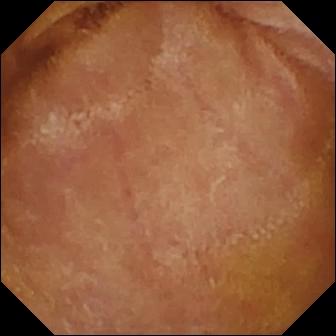Normal clean mucosa — small-bowel capsule endoscopy frame.